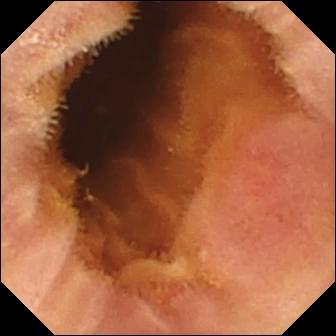Erosion.